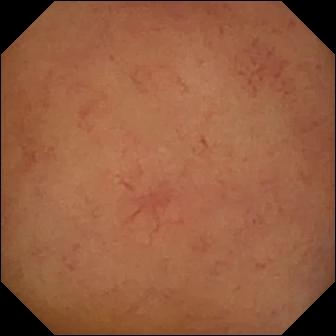This small-bowel capsule endoscopy image of the small intestine shows normal clean mucosa.